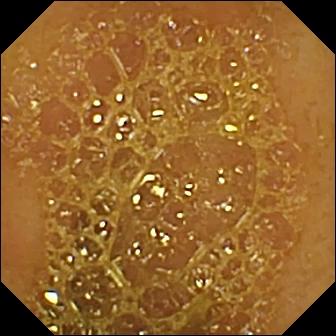This wireless capsule endoscopy frame was taken in the ileo-cecal valve region (where the capsule passes from the small bowel into the large bowel).